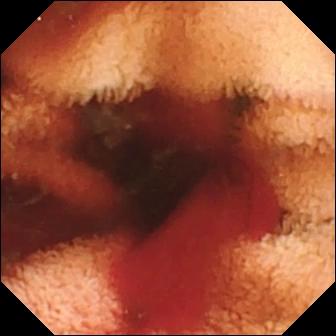Small-bowel capsule endoscopy view. Fresh blood in the lumen.